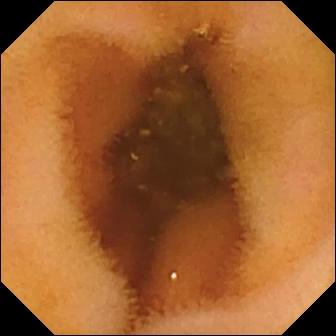VCE — normal clean mucosa.